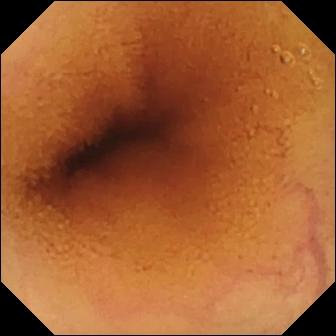- modality: capsule endoscopy
- segment: small bowel
- finding: normal clean mucosa